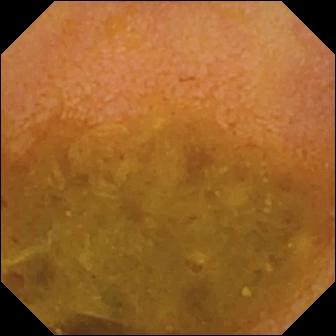This video capsule endoscopy image of the small bowel shows reduced mucosal view (content or bubbles obscuring the mucosa).